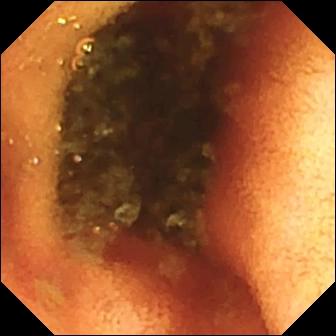PROCEDURE: Capsule endoscopy.
VIDEO SEGMENT: Ileo-cecal valve region.